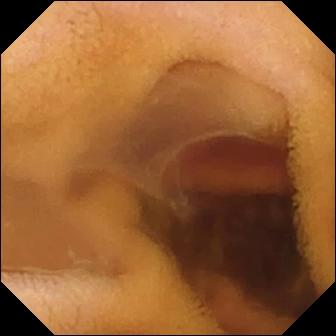{"modality": "WCE", "finding": "fresh blood in the lumen"}